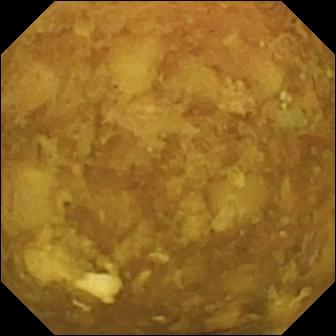Video capsule endoscopy snapshot, small bowel
Finding: reduced mucosal view (content or bubbles obscuring the mucosa)